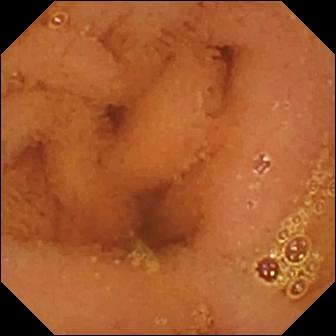Video capsule endoscopy still. Normal clean mucosa.